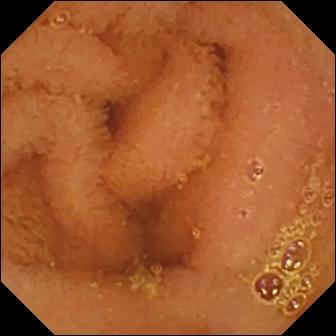Q: What does this small-bowel capsule endoscopy still of the small intestine show?
A: Normal clean mucosa.